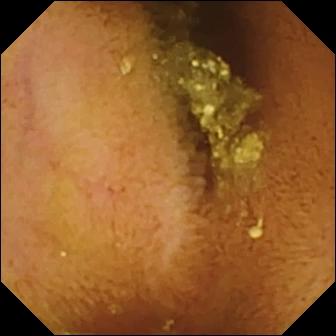WCE. Small bowel. Impression: normal clean mucosa.